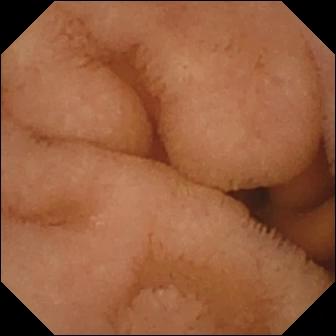VCE snapshot, small intestine
Label: normal clean mucosa